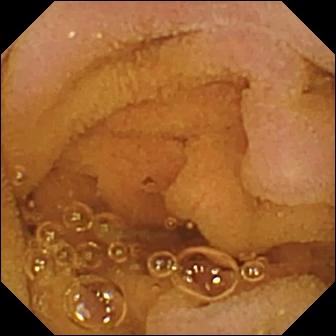{"modality": "VCE", "segment": "small bowel", "category": "luminal finding", "finding": "normal clean mucosa"}